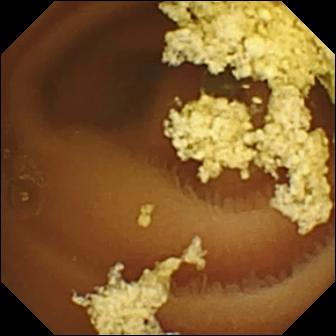- modality: WCE
- observation: normal clean mucosa